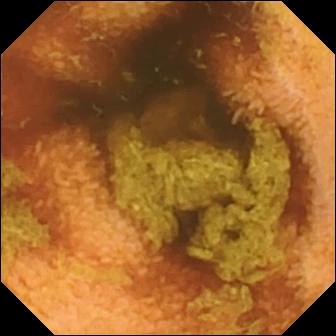Capsule endoscopy — normal clean mucosa.